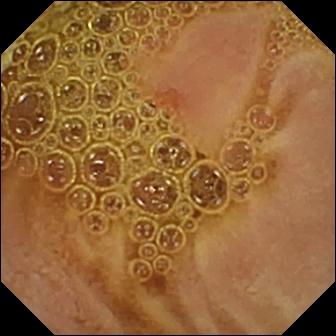{"modality": "small-bowel capsule endoscopy", "finding": "erosion"}